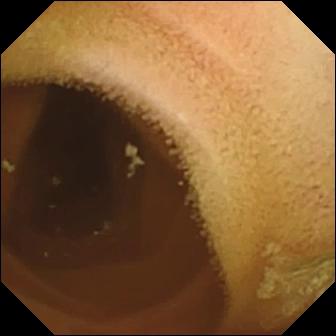VCE view showing normal clean mucosa.